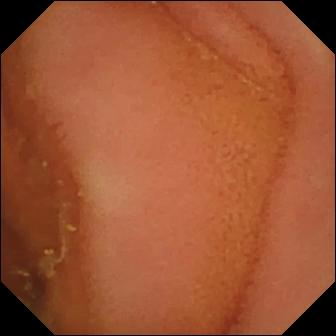- modality: wireless capsule endoscopy
- finding: normal clean mucosa